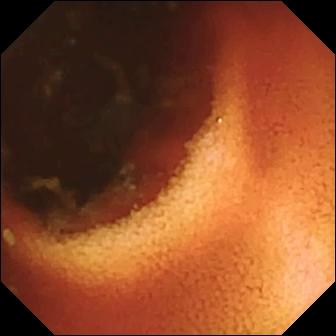WCE view
Video segment: ileo-cecal valve region (the transition from the small bowel to the large bowel)